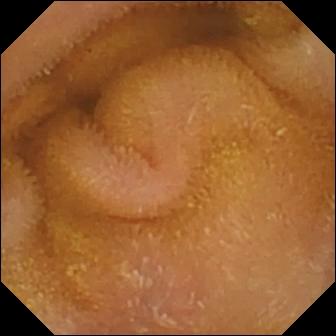{"modality": "video capsule endoscopy", "segment": "small intestine", "finding": "normal clean mucosa"}